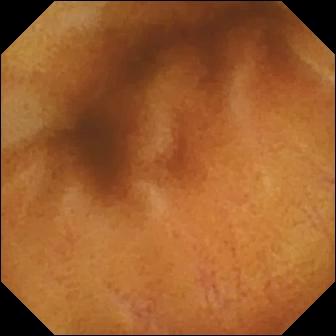Normal clean mucosa — wireless capsule endoscopy snapshot of the small bowel.